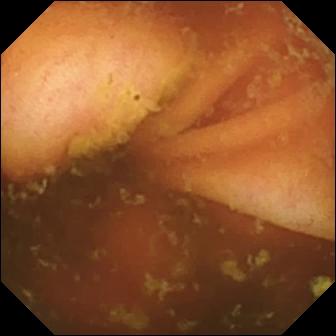modality: video capsule endoscopy
label: ileo-cecal valve region (where the capsule passes from the small bowel into the large bowel)